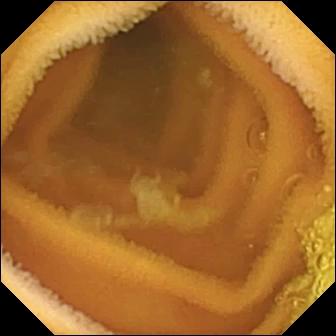Normal clean mucosa (336×336).